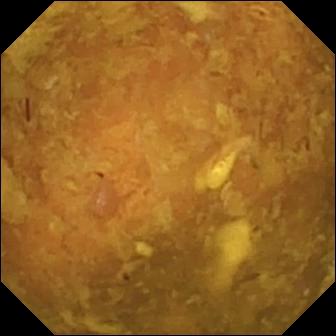- modality: small-bowel capsule endoscopy
- category: luminal finding
- finding: reduced mucosal view (content or bubbles obscuring the mucosa)